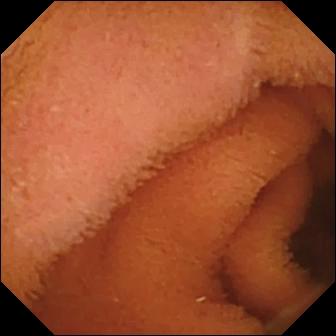WCE view, small bowel
Observation: normal clean mucosa